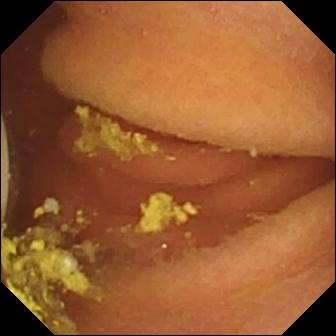modality: VCE
finding: foreign body (e.g. retained capsule, tablet residue)